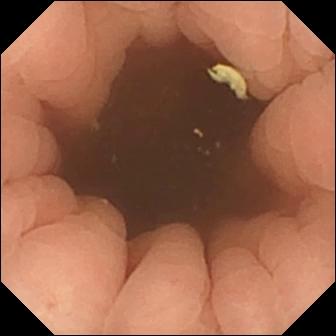This small-bowel capsule endoscopy image was taken in the pylorus region.